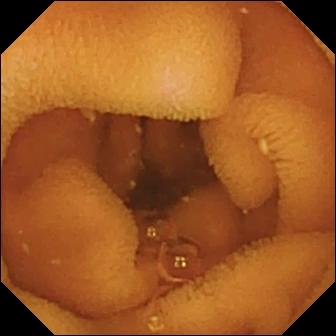Small-bowel capsule endoscopy — normal clean mucosa.